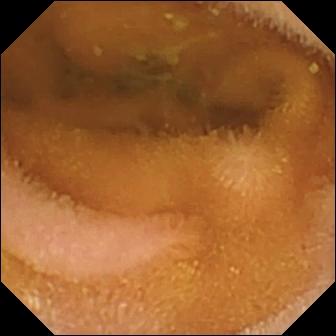{"modality": "capsule endoscopy", "segment": "small bowel", "category": "luminal finding", "finding": "normal clean mucosa"}